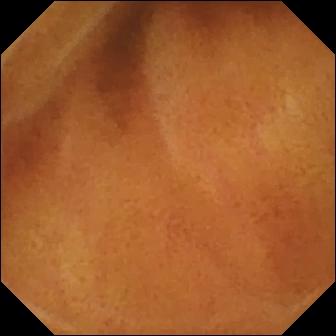Video capsule endoscopy. Small bowel. Observation: normal clean mucosa.